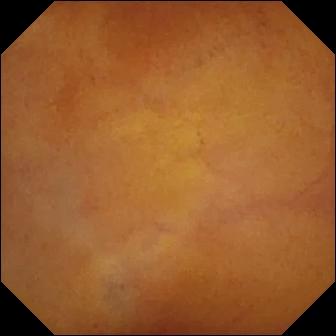This wireless capsule endoscopy frame shows normal clean mucosa.